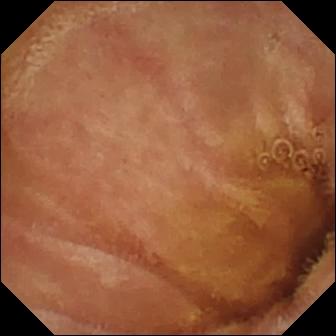WCE. Label: normal clean mucosa.